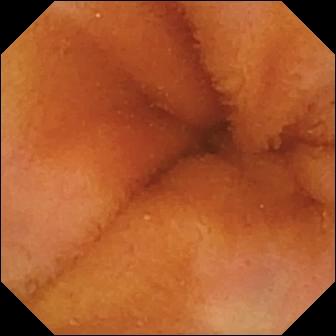{"modality": "capsule endoscopy", "finding": "normal clean mucosa"}